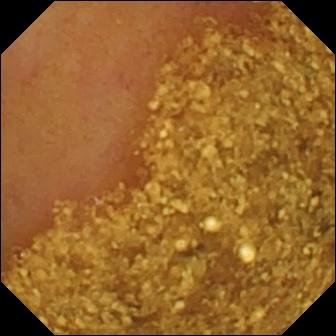Ileo-cecal valve region (the transition from the small bowel to the large bowel) — capsule endoscopy still.